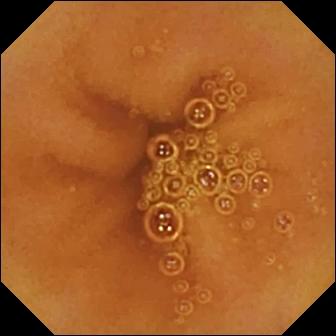WCE — normal clean mucosa.